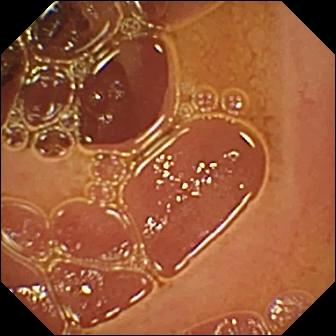modality: small-bowel capsule endoscopy | segment: small bowel | impression: normal clean mucosa